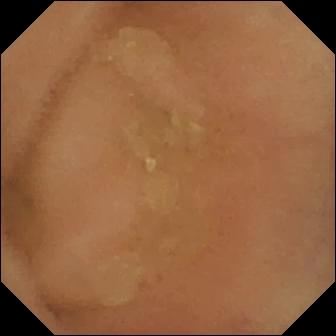Normal clean mucosa (336×336).